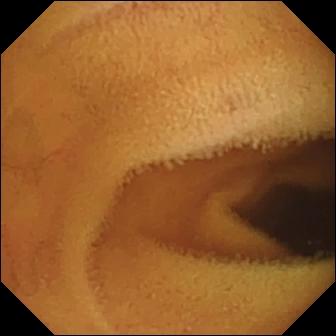Wireless capsule endoscopy image of the small intestine showing normal clean mucosa.